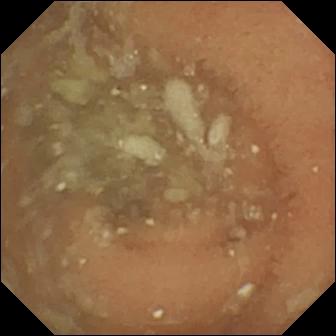- modality: video capsule endoscopy
- segment: small intestine
- label: normal clean mucosa